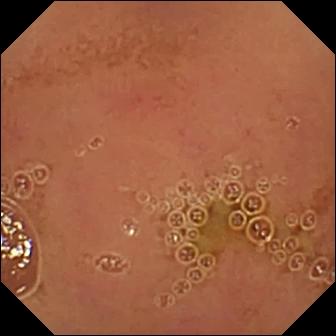Wireless capsule endoscopy still, 336×336. Normal clean mucosa.